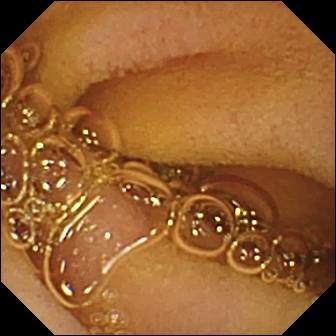Normal clean mucosa — capsule endoscopy snapshot.